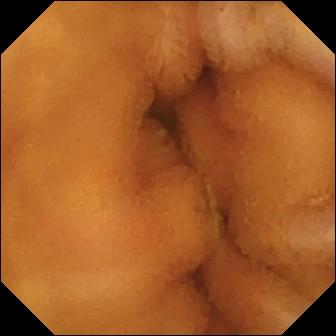Video capsule endoscopy. Small intestine. Finding: normal clean mucosa.